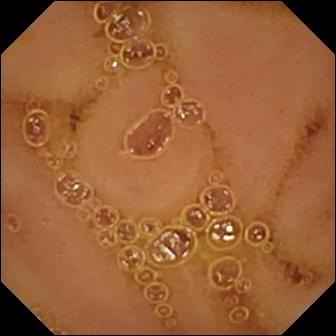PROCEDURE: VCE.
FINDINGS: Normal clean mucosa.